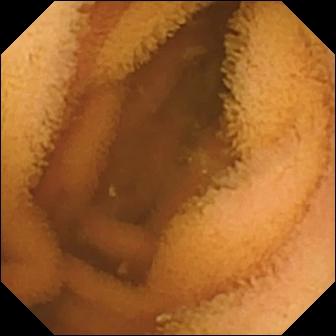Normal clean mucosa.